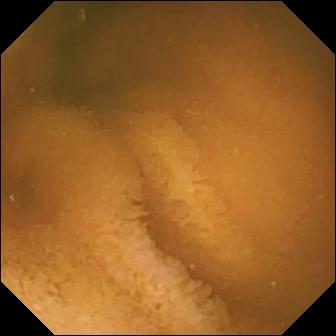This VCE image of the small bowel shows normal clean mucosa.